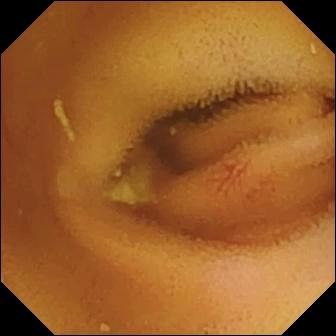Wireless capsule endoscopy still
Finding: angiectasia